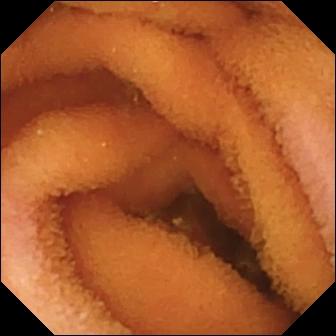Capsule endoscopy. Impression: normal clean mucosa.